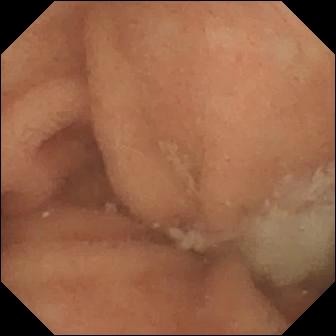Video capsule endoscopy — normal clean mucosa.